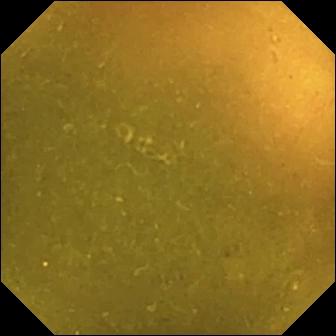This wireless capsule endoscopy view was taken in the ileo-cecal valve region (where the capsule passes from the small bowel into the large bowel).